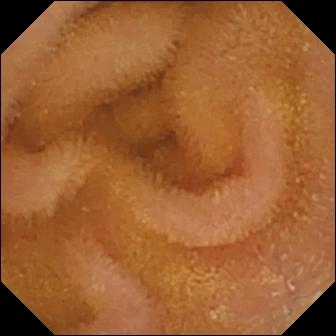This capsule endoscopy still of the small bowel shows normal clean mucosa.